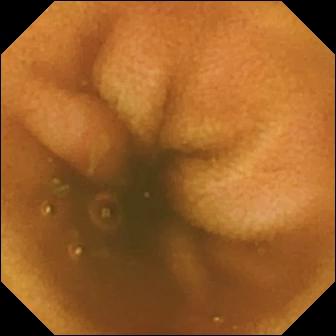Video capsule endoscopy — erosion.